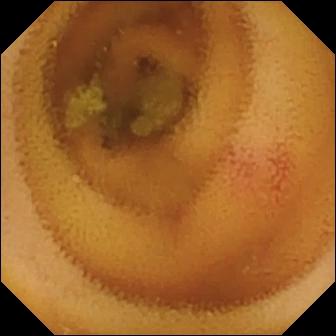modality: WCE
finding: angiectasia